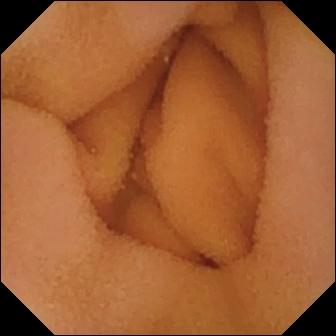WCE image showing normal clean mucosa.